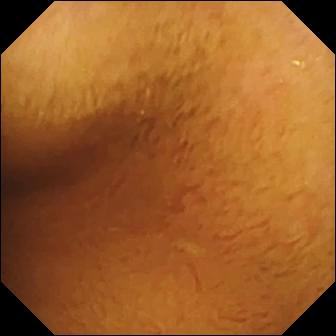- modality: capsule endoscopy
- segment: small bowel
- label: normal clean mucosa